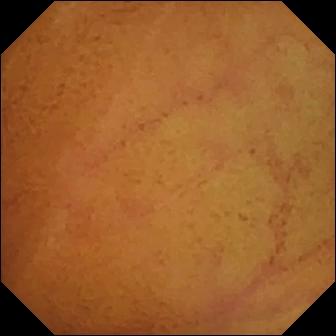- modality: video capsule endoscopy
- observation: normal clean mucosa